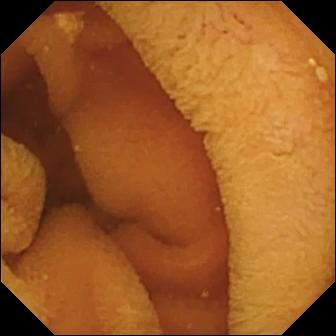Capsule endoscopy — normal clean mucosa.